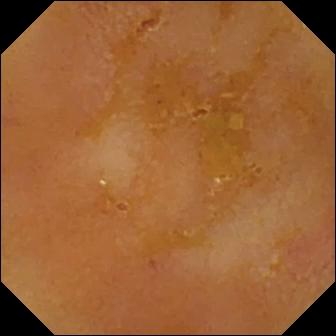Reduced mucosal view (content or bubbles obscuring the mucosa) — video capsule endoscopy view.